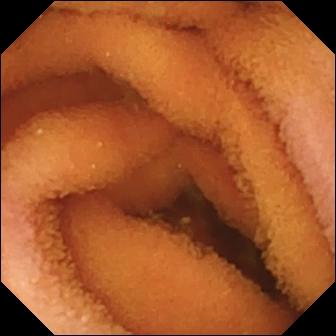Small-bowel capsule endoscopy snapshot (small bowel). Normal clean mucosa.